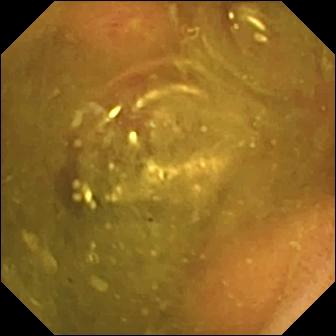Erosion.